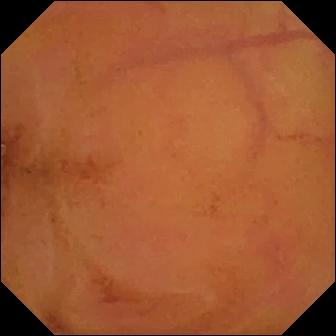Capsule endoscopy image, small intestine
Finding: normal clean mucosa